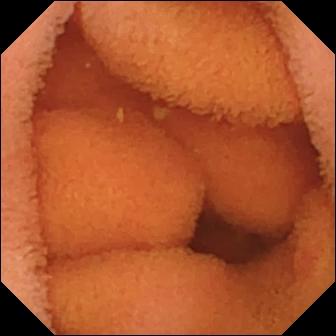Normal clean mucosa — small-bowel capsule endoscopy still.